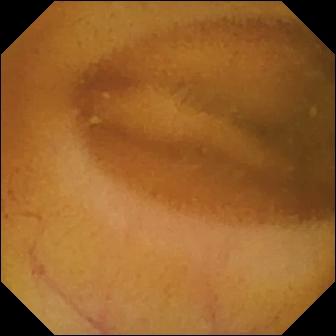{"modality": "VCE", "category": "luminal finding", "finding": "normal clean mucosa"}